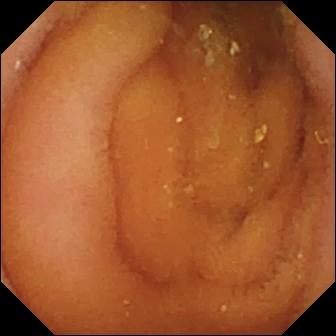{"modality": "small-bowel capsule endoscopy", "category": "luminal finding", "finding": "normal clean mucosa"}